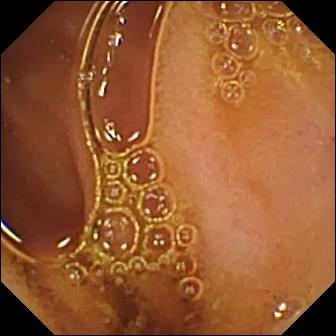Normal clean mucosa (336×336).